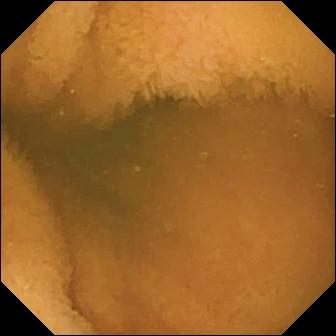Small-bowel capsule endoscopy snapshot showing normal clean mucosa.